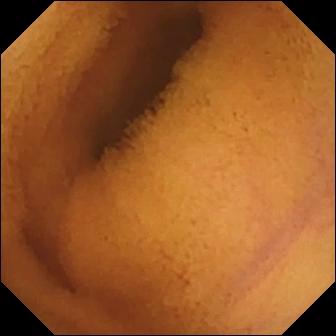Normal clean mucosa.